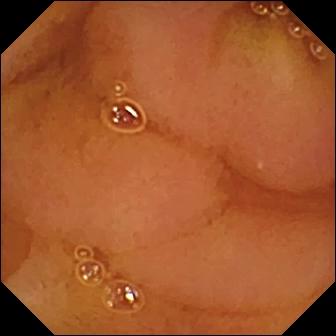PROCEDURE: Capsule endoscopy.
SEGMENT: Small bowel.
FINDINGS: Normal clean mucosa.